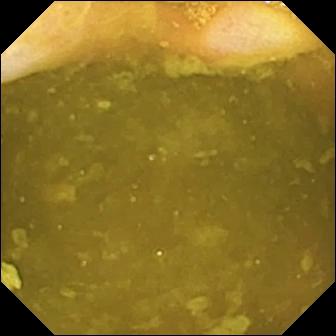- modality: WCE
- position: ileo-cecal valve region (the transition from the small bowel to the large bowel)